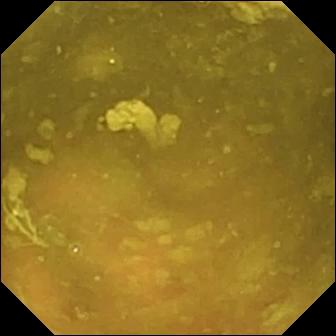- modality: small-bowel capsule endoscopy
- location: ileo-cecal valve region (where the capsule passes from the small bowel into the large bowel)